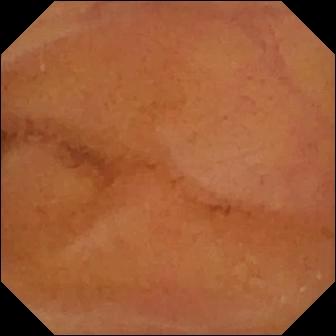Normal clean mucosa — wireless capsule endoscopy snapshot of the small bowel.